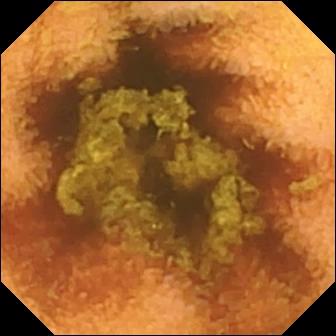WCE still, small intestine
Impression: normal clean mucosa